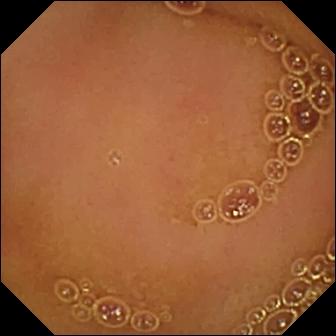modality: wireless capsule endoscopy
impression: normal clean mucosa